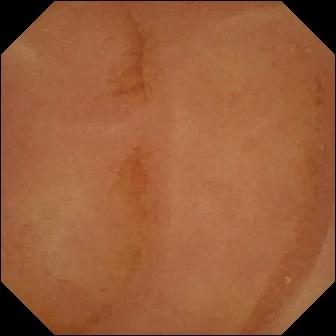Q: What does this wireless capsule endoscopy frame show?
A: Normal clean mucosa.